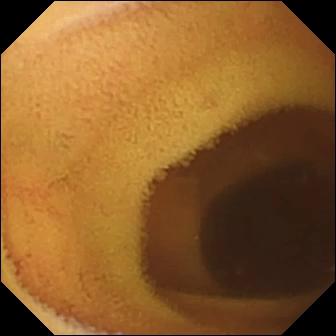Normal clean mucosa — VCE image.